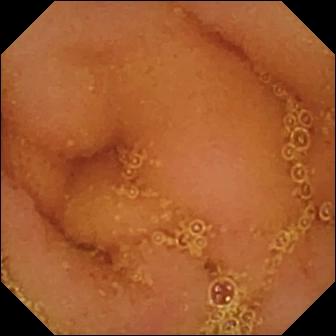Video capsule endoscopy. Impression: normal clean mucosa.